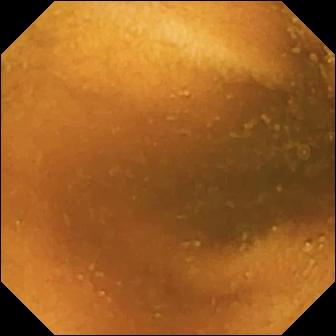VCE snapshot, 336×336. Normal clean mucosa.